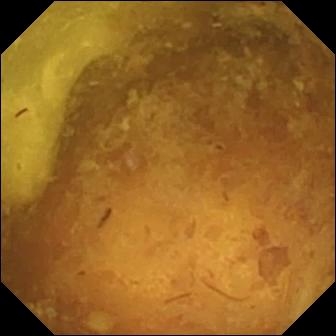modality: VCE | segment: small bowel | observation: reduced mucosal view (content or bubbles obscuring the mucosa)